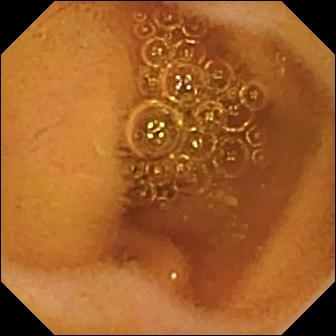Wireless capsule endoscopy image of the small intestine showing normal clean mucosa.